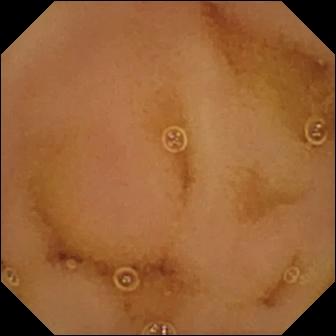This WCE snapshot shows normal clean mucosa.